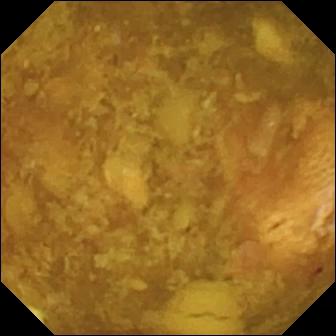- modality: small-bowel capsule endoscopy
- category: luminal finding
- finding: reduced mucosal view (content or bubbles obscuring the mucosa)